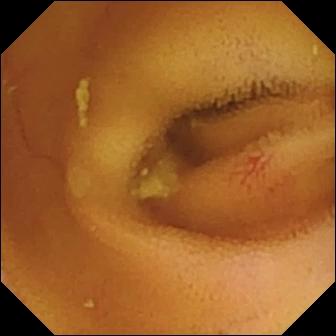Video capsule endoscopy. Luminal finding. Impression: angiectasia.